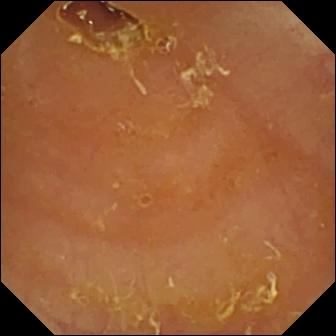Reduced mucosal view (content or bubbles obscuring the mucosa) (336×336).